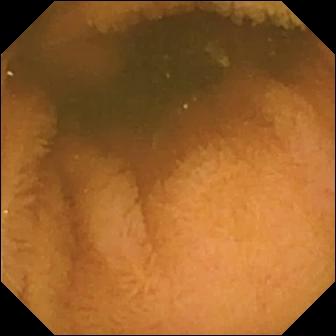VCE — normal clean mucosa.